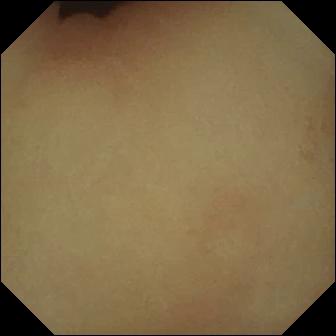VCE — pylorus region.